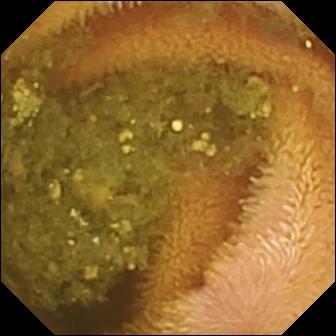Small-bowel capsule endoscopy image, small intestine
Finding: reduced mucosal view (content or bubbles obscuring the mucosa)